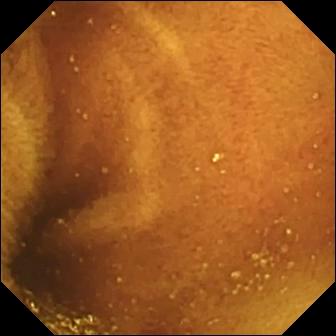Q: Where in the digestive tract was this wireless capsule endoscopy still taken?
A: Ileo-cecal valve region (the transition from the small bowel to the large bowel).